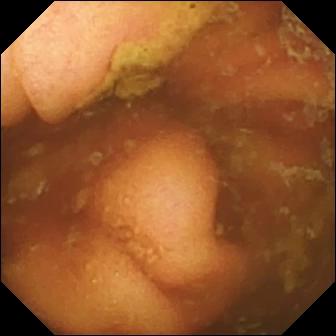modality: video capsule endoscopy; position: ileo-cecal valve region (where the capsule passes from the small bowel into the large bowel)